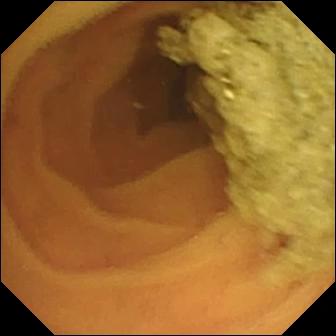WCE. Label: normal clean mucosa.